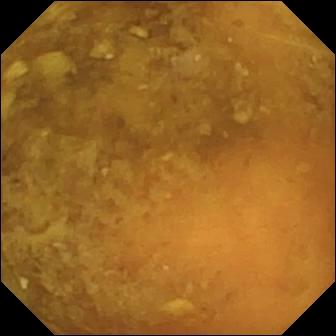Reduced mucosal view (content or bubbles obscuring the mucosa) — video capsule endoscopy image.